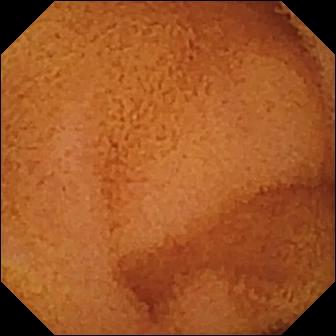PROCEDURE: WCE.
FINDINGS: Normal clean mucosa.